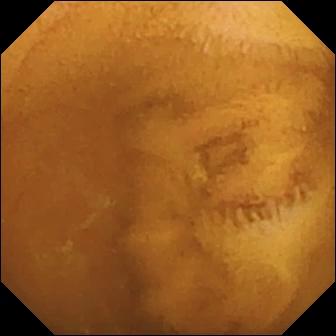PROCEDURE: Video capsule endoscopy.
FINDINGS: Normal clean mucosa.